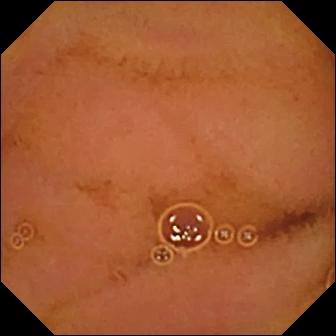Normal clean mucosa — video capsule endoscopy snapshot.